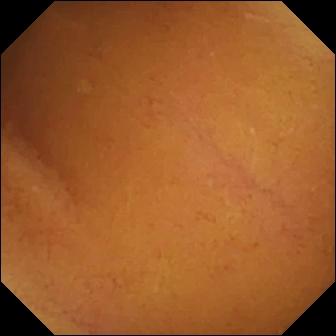VCE image (small intestine). Normal clean mucosa.